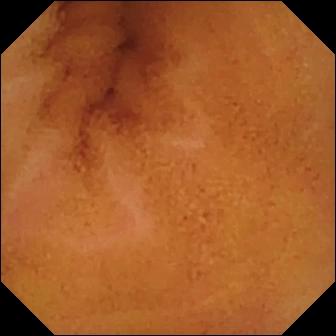Video capsule endoscopy. Small bowel. Luminal finding. Impression: normal clean mucosa.